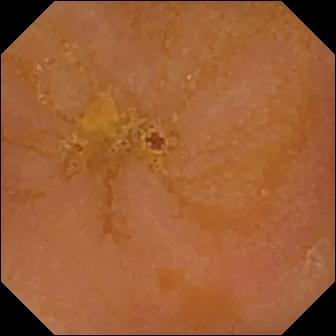VCE still showing reduced mucosal view (content or bubbles obscuring the mucosa).